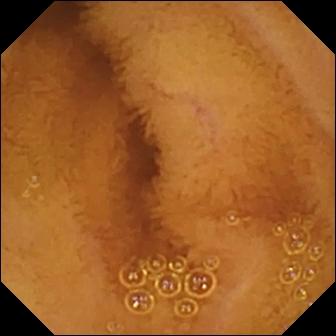Normal clean mucosa — capsule endoscopy still.